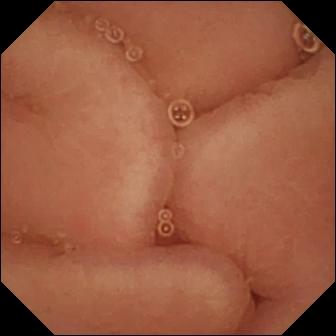Small-bowel capsule endoscopy. Video segment: pylorus region (the junction between the stomach and the small bowel).